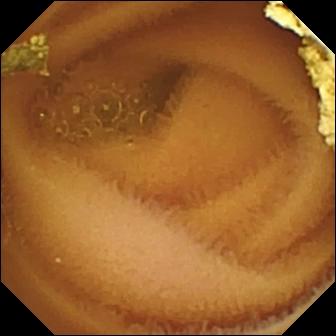Normal clean mucosa.